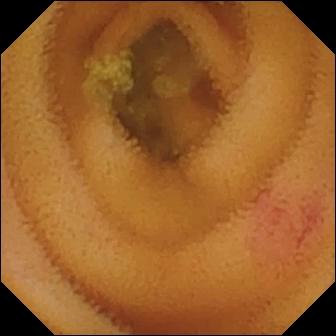VCE. Impression: angiectasia.